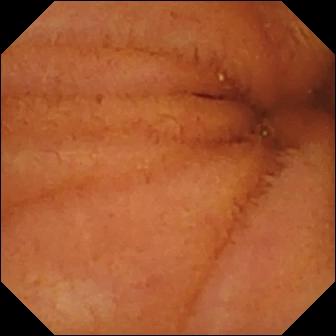Small-bowel capsule endoscopy still showing normal clean mucosa.